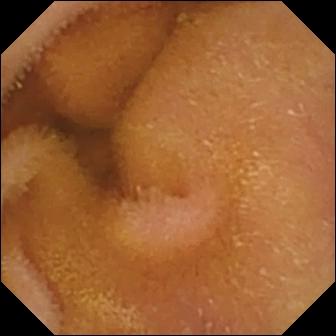Video capsule endoscopy view of the small bowel showing normal clean mucosa.